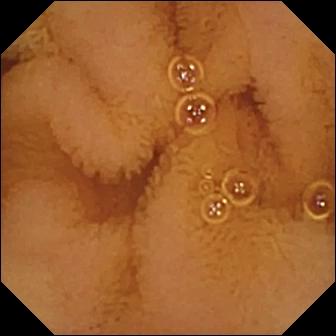Normal clean mucosa.